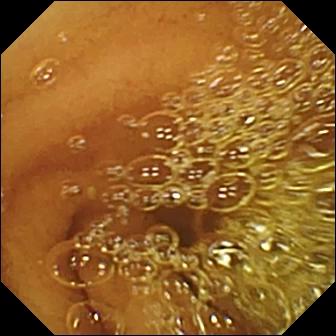Normal clean mucosa.